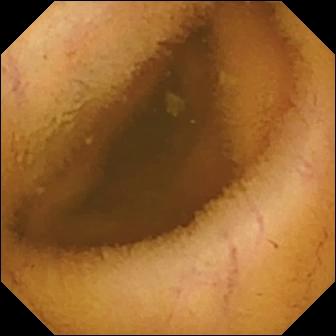This small-bowel capsule endoscopy view shows normal clean mucosa.